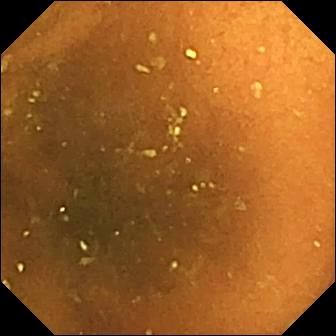Q: What does this wireless capsule endoscopy image of the small intestine show?
A: Normal clean mucosa.